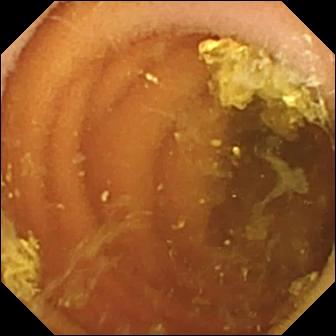PROCEDURE: Wireless capsule endoscopy.
SEGMENT: Small bowel.
FINDINGS: Normal clean mucosa.